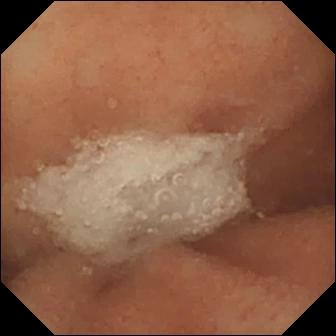Capsule endoscopy image, small bowel
Label: normal clean mucosa